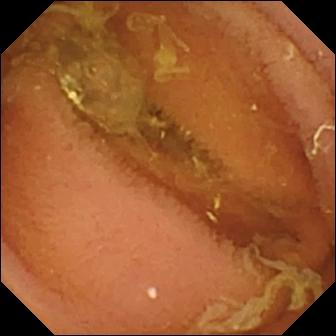Normal clean mucosa.